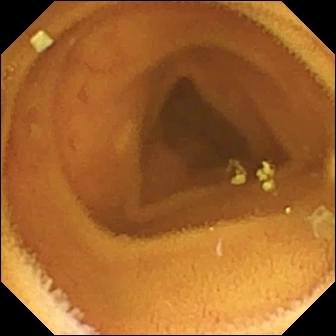PROCEDURE: Wireless capsule endoscopy.
SEGMENT: Small intestine.
FINDINGS: Normal clean mucosa.